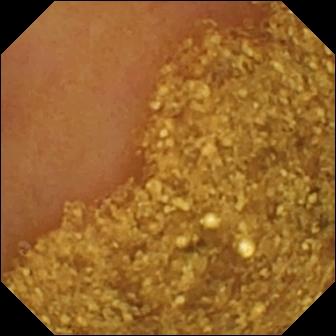This WCE image was taken in the ileo-cecal valve region (where the capsule passes from the small bowel into the large bowel).